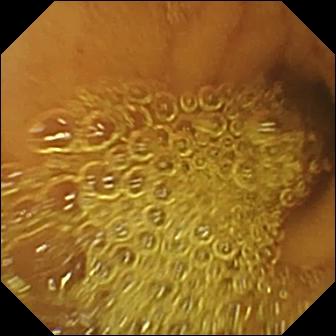Video capsule endoscopy. Small bowel. Luminal finding. Observation: normal clean mucosa.